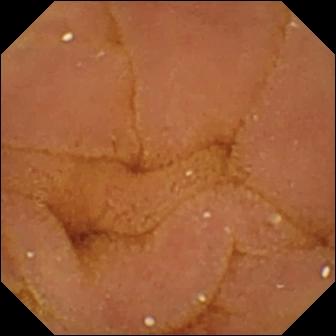Normal clean mucosa.